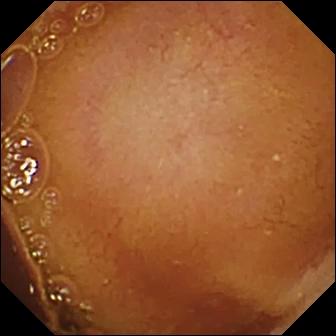Normal clean mucosa — video capsule endoscopy image.